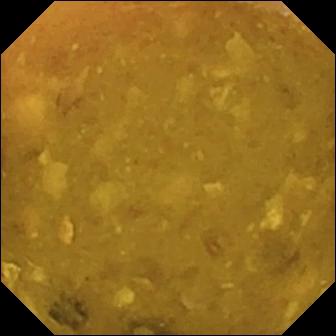Reduced mucosal view (content or bubbles obscuring the mucosa).